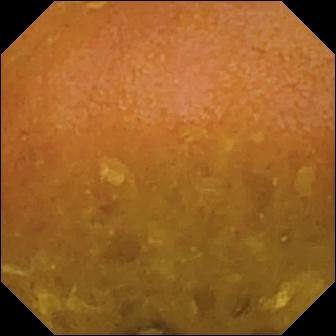Small-bowel capsule endoscopy. Observation: reduced mucosal view (content or bubbles obscuring the mucosa).